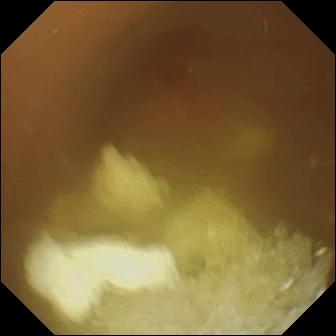{"modality": "wireless capsule endoscopy", "category": "anatomical landmark", "video_segment": "pylorus region"}